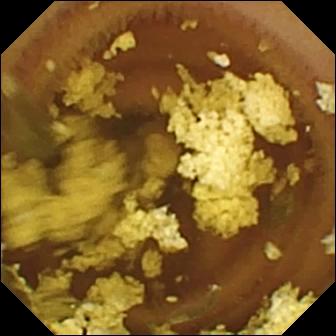Wireless capsule endoscopy — normal clean mucosa.